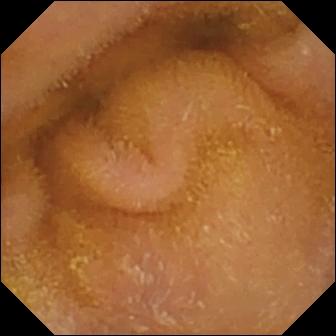This small-bowel capsule endoscopy frame shows normal clean mucosa.